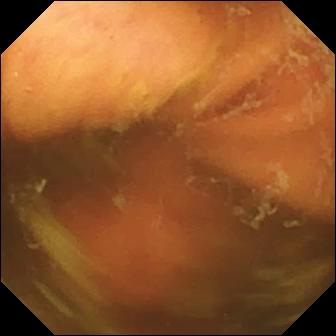Video capsule endoscopy snapshot. Taken in the ileo-cecal valve region (the transition from the small bowel to the large bowel).